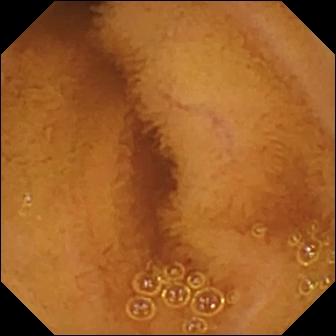- modality: VCE
- segment: small intestine
- finding: normal clean mucosa